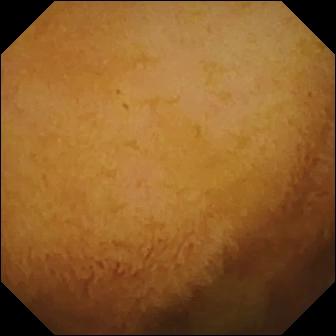{"modality": "VCE", "segment": "small intestine", "finding": "normal clean mucosa"}